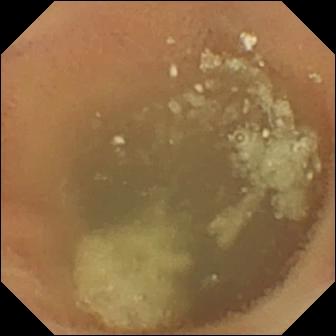PROCEDURE: Capsule endoscopy.
SEGMENT: Small intestine.
FINDINGS: Normal clean mucosa.